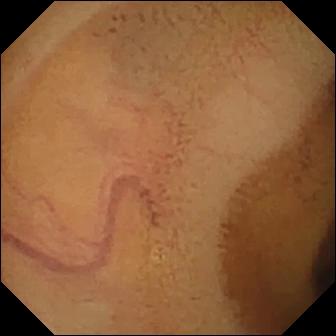- modality: WCE
- label: normal clean mucosa